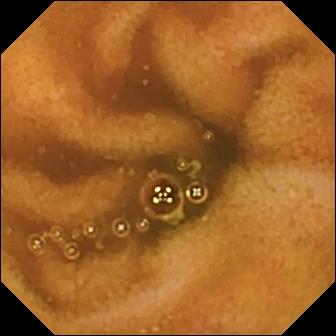VCE frame
Impression: normal clean mucosa